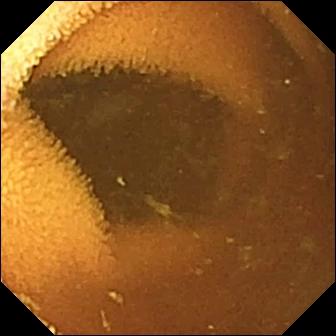Normal clean mucosa (336×336).